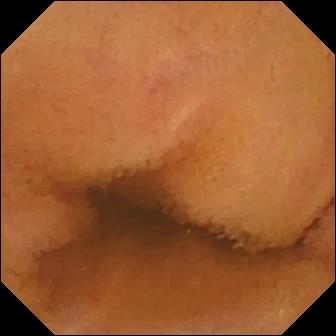Q: What does this WCE snapshot show?
A: Normal clean mucosa.